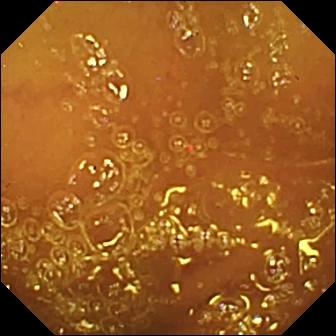Small-bowel capsule endoscopy — normal clean mucosa.